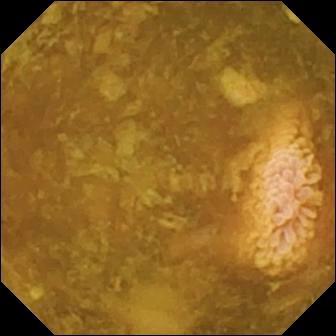VCE view
Impression: reduced mucosal view (content or bubbles obscuring the mucosa)